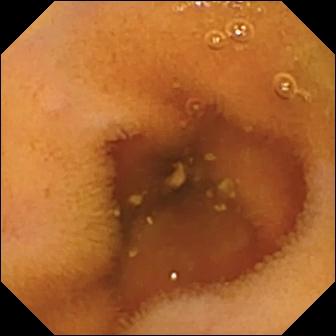Small-bowel capsule endoscopy snapshot, 336×336. Normal clean mucosa.